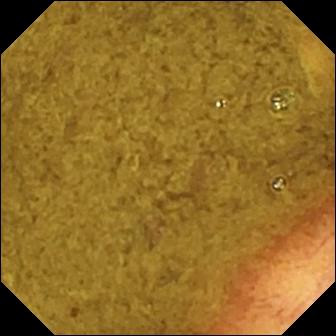modality: VCE
category: anatomical landmark
position: ileo-cecal valve region